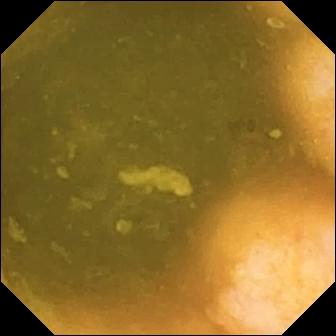This WCE view was taken in the ileo-cecal valve region (where the capsule passes from the small bowel into the large bowel).